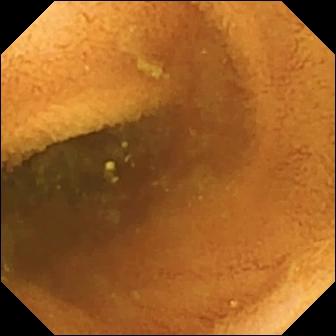Normal clean mucosa — wireless capsule endoscopy image of the small intestine.